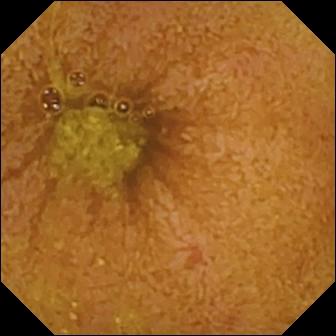Q: Where in the digestive tract was this wireless capsule endoscopy frame taken?
A: Ileo-cecal valve region (where the capsule passes from the small bowel into the large bowel).